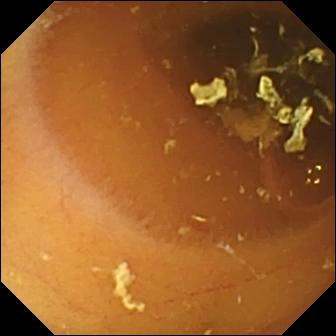Video capsule endoscopy image, small bowel
Impression: normal clean mucosa